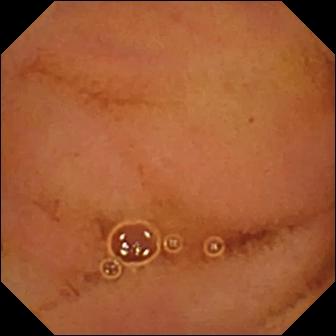This capsule endoscopy view of the small intestine shows normal clean mucosa.